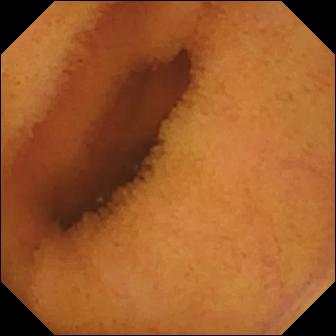Q: What does this video capsule endoscopy still show?
A: Normal clean mucosa.